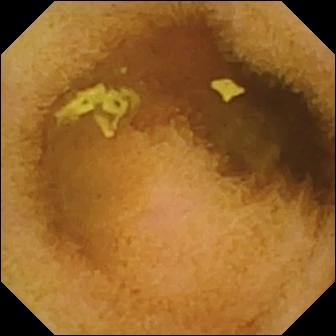Normal clean mucosa.